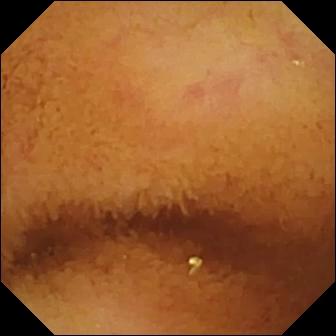- modality: wireless capsule endoscopy
- label: normal clean mucosa